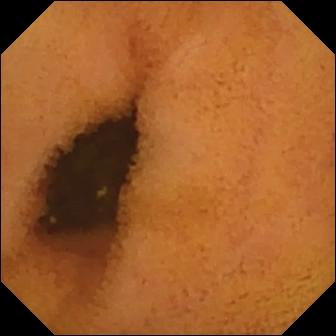PROCEDURE: Video capsule endoscopy.
SEGMENT: Small intestine.
FINDINGS: Normal clean mucosa.